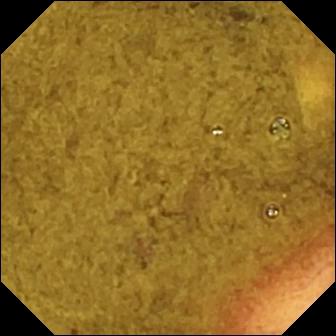This capsule endoscopy view was taken in the ileo-cecal valve region (the transition from the small bowel to the large bowel).